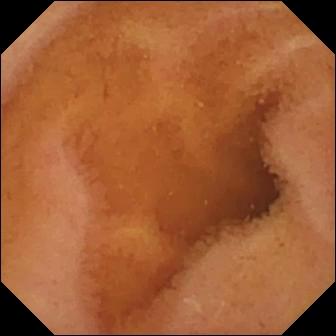Video capsule endoscopy. Impression: normal clean mucosa.